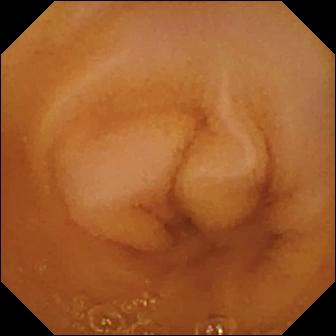Wireless capsule endoscopy — normal clean mucosa.